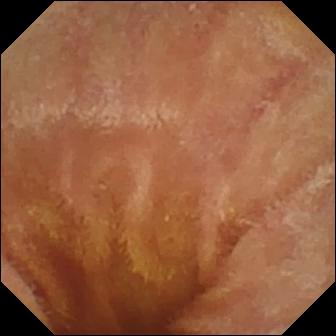PROCEDURE: VCE.
FINDINGS: Normal clean mucosa.